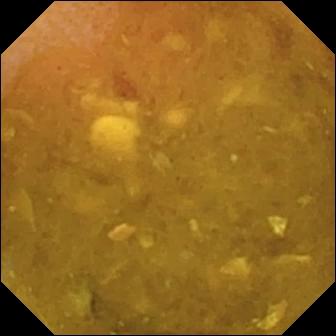WCE — reduced mucosal view (content or bubbles obscuring the mucosa).